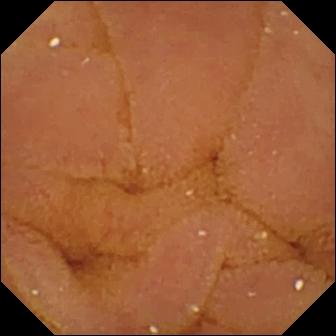Small-bowel capsule endoscopy — normal clean mucosa.